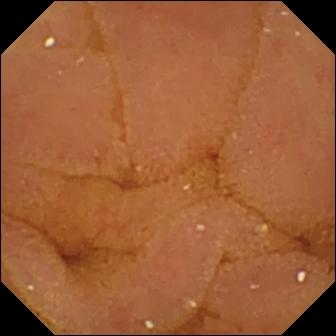PROCEDURE: Capsule endoscopy.
SEGMENT: Small intestine.
FINDINGS: Normal clean mucosa.